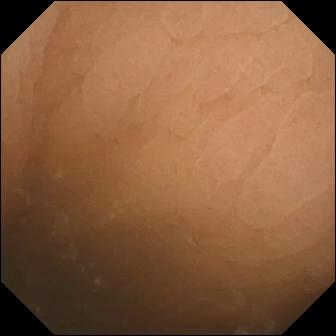Video capsule endoscopy — pylorus region.